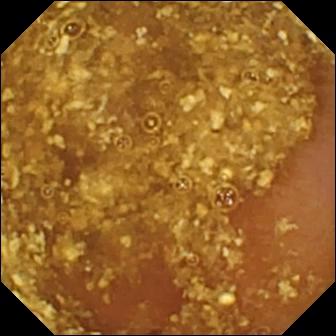Small-bowel capsule endoscopy still (small intestine). Reduced mucosal view (content or bubbles obscuring the mucosa).